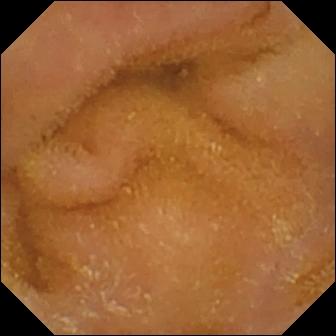Normal clean mucosa.